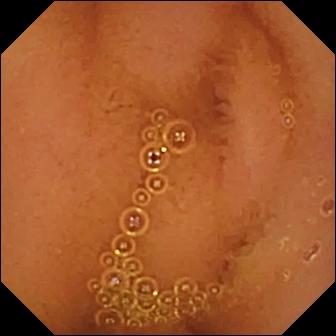WCE — normal clean mucosa.